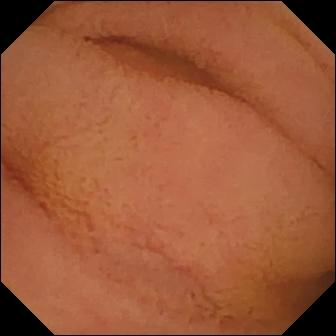{"modality": "VCE", "finding": "normal clean mucosa"}